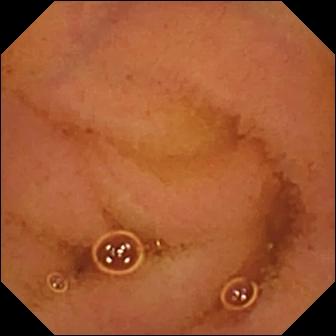Capsule endoscopy. Small intestine. Impression: normal clean mucosa.